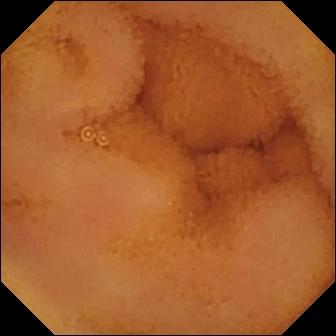Normal clean mucosa.